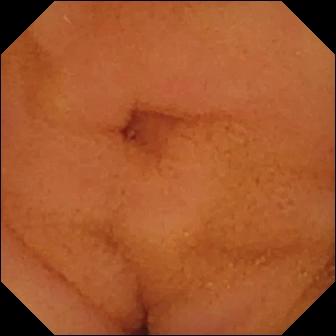VCE — normal clean mucosa.